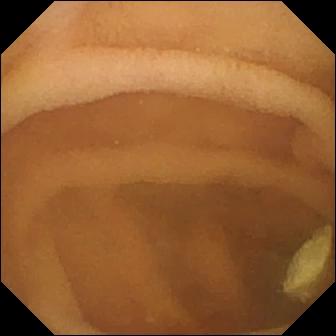Video capsule endoscopy snapshot, 336×336. Taken in the pylorus region (where the capsule passes from the stomach into the small bowel).